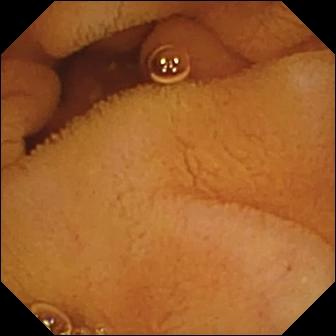Video capsule endoscopy — normal clean mucosa.